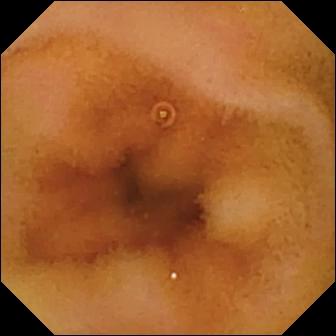Wireless capsule endoscopy. Luminal finding. Finding: normal clean mucosa.